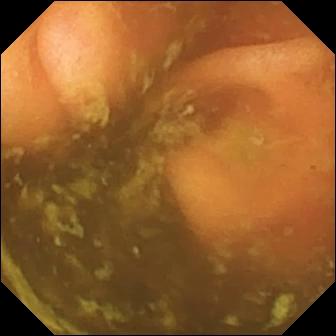Q: Where in the digestive tract was this wireless capsule endoscopy image taken?
A: Ileo-cecal valve region (the transition from the small bowel to the large bowel).